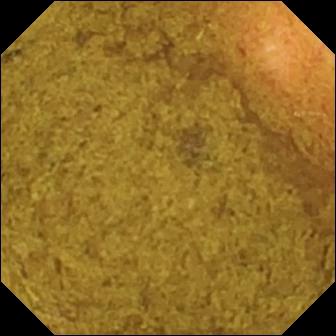Capsule endoscopy view. Taken in the ileo-cecal valve region (where the capsule passes from the small bowel into the large bowel).